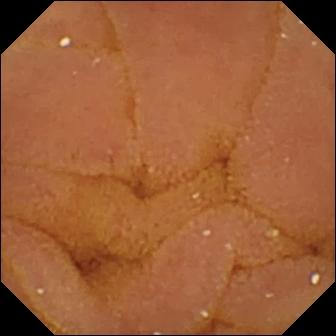{"modality": "capsule endoscopy", "segment": "small intestine", "category": "luminal finding", "finding": "normal clean mucosa"}